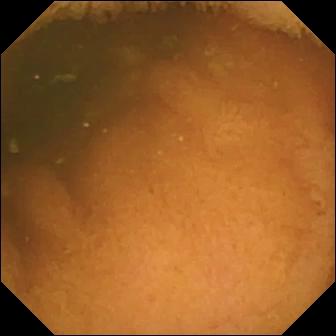PROCEDURE: Wireless capsule endoscopy.
FINDINGS: Normal clean mucosa.